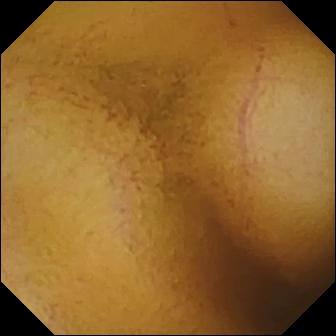Normal clean mucosa.